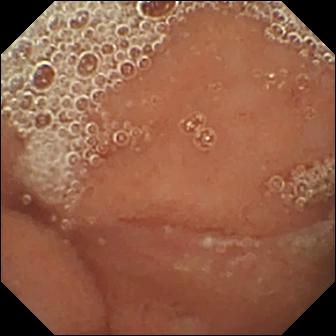modality: capsule endoscopy
category: luminal finding
observation: normal clean mucosa